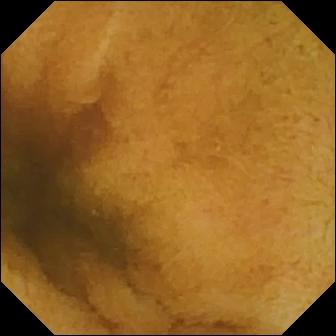PROCEDURE: Wireless capsule endoscopy.
FINDINGS: Normal clean mucosa.